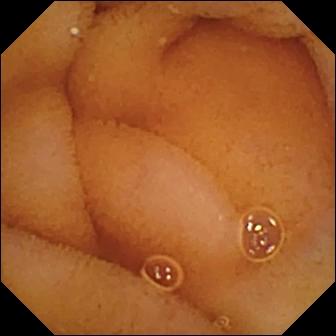{"modality": "video capsule endoscopy", "category": "luminal finding", "finding": "normal clean mucosa"}